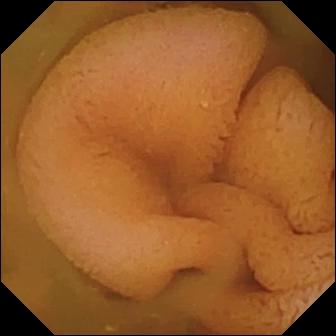This video capsule endoscopy snapshot of the small intestine shows normal clean mucosa.